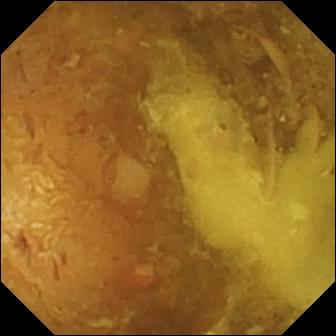PROCEDURE: Wireless capsule endoscopy.
FINDINGS: Reduced mucosal view (content or bubbles obscuring the mucosa).